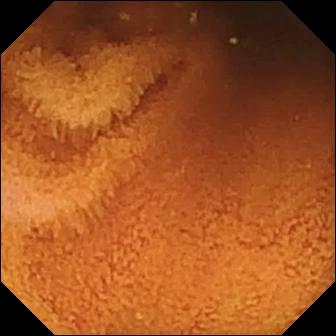WCE frame, small bowel
Finding: normal clean mucosa